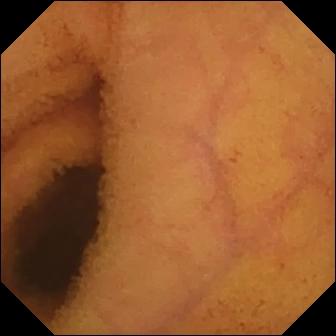Capsule endoscopy image. Normal clean mucosa.